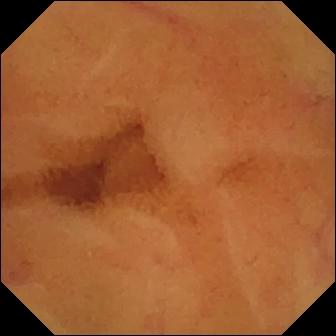Small-bowel capsule endoscopy frame, small bowel
Finding: normal clean mucosa